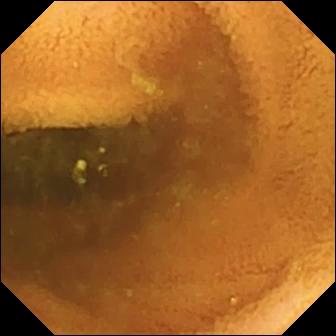Q: What does this wireless capsule endoscopy image of the small intestine show?
A: Normal clean mucosa.